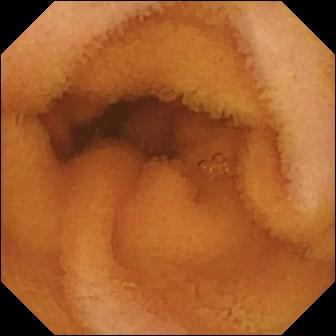Wireless capsule endoscopy — normal clean mucosa.